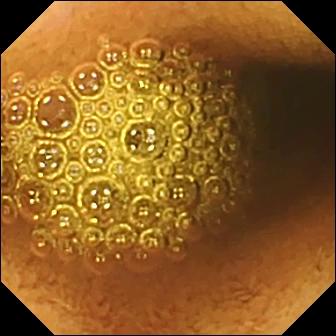modality: capsule endoscopy; segment: small bowel; category: luminal finding; impression: reduced mucosal view (content or bubbles obscuring the mucosa)